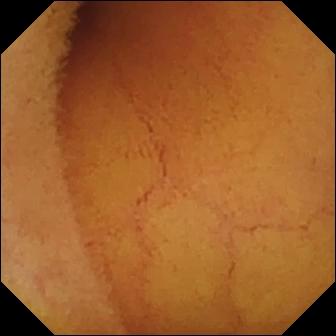Video capsule endoscopy still. Normal clean mucosa.